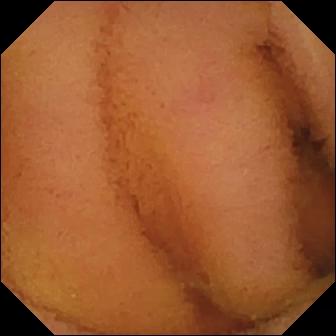Normal clean mucosa — capsule endoscopy still.